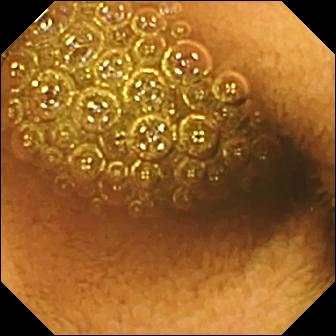{"modality": "capsule endoscopy", "category": "luminal finding", "finding": "reduced mucosal view (content or bubbles obscuring the mucosa)"}